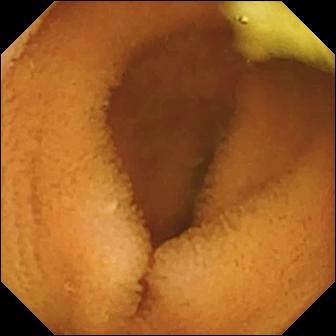Wireless capsule endoscopy. Small intestine. Label: normal clean mucosa.